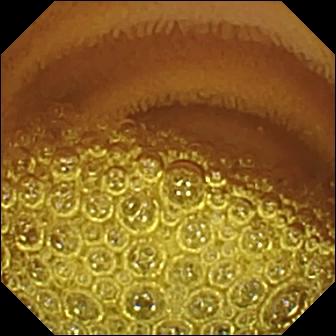Normal clean mucosa.